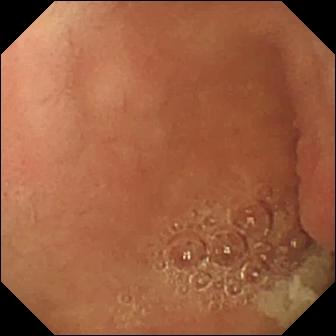VCE. Location: pylorus region.